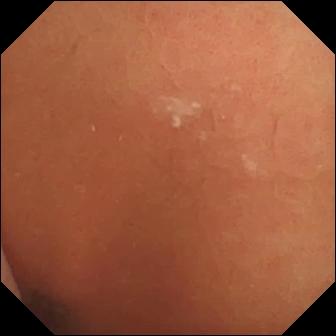Normal clean mucosa — capsule endoscopy still.